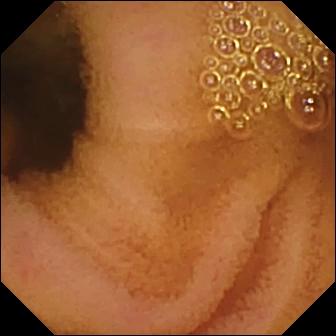modality: VCE | segment: small bowel | category: luminal finding | label: normal clean mucosa